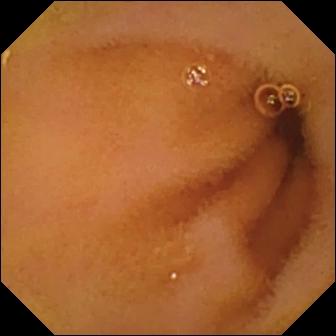modality: capsule endoscopy | segment: small bowel | category: luminal finding | impression: normal clean mucosa